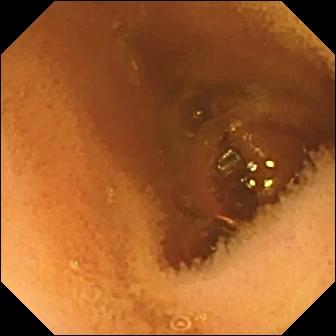modality: capsule endoscopy
segment: small intestine
category: luminal finding
label: normal clean mucosa